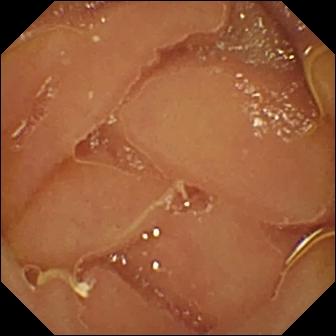This small-bowel capsule endoscopy frame shows normal clean mucosa.